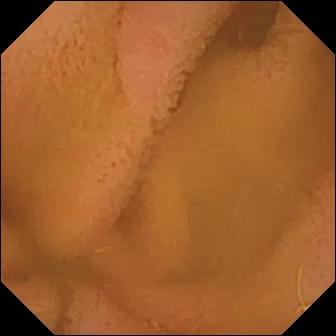- modality: video capsule endoscopy
- label: normal clean mucosa